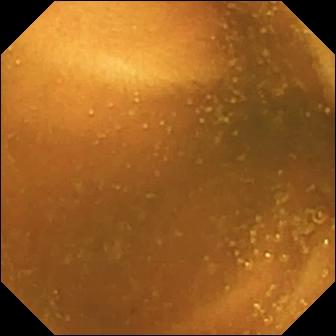- modality: small-bowel capsule endoscopy
- category: luminal finding
- label: normal clean mucosa